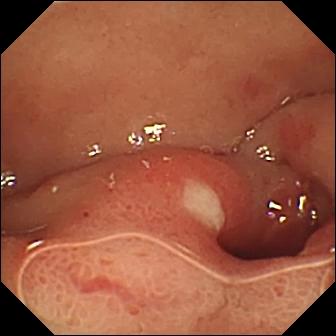This video capsule endoscopy still shows ulcer.